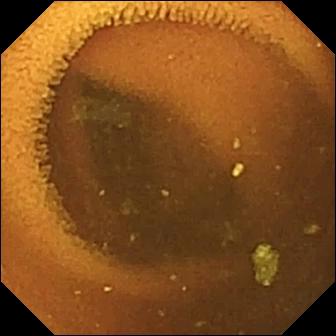{"modality": "small-bowel capsule endoscopy", "category": "luminal finding", "finding": "normal clean mucosa"}